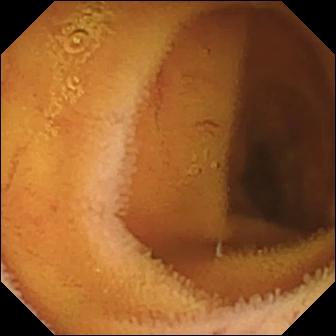Wireless capsule endoscopy snapshot of the small intestine showing normal clean mucosa.